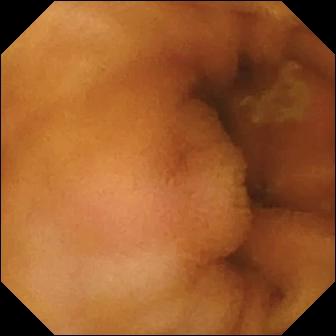PROCEDURE: Wireless capsule endoscopy.
FINDINGS: Normal clean mucosa.